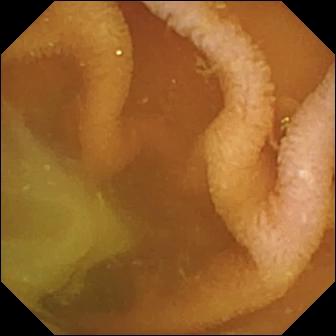Small-bowel capsule endoscopy frame showing normal clean mucosa.